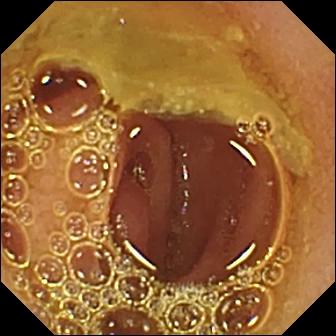WCE frame of the small bowel showing normal clean mucosa.